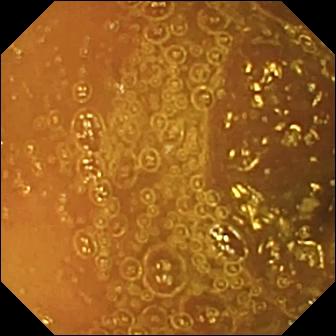modality: small-bowel capsule endoscopy; segment: small intestine; observation: normal clean mucosa